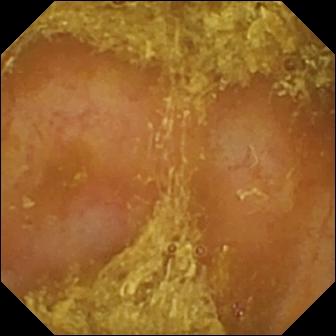Capsule endoscopy — reduced mucosal view (content or bubbles obscuring the mucosa).